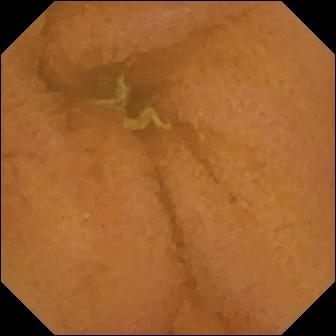Video capsule endoscopy view, 336×336. Normal clean mucosa.